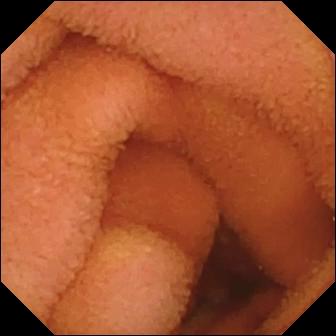Normal clean mucosa.